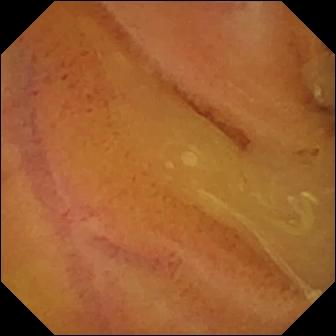VCE — normal clean mucosa.